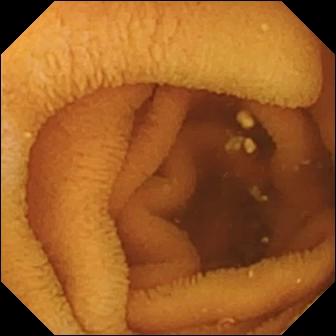VCE. Small bowel. Label: normal clean mucosa.